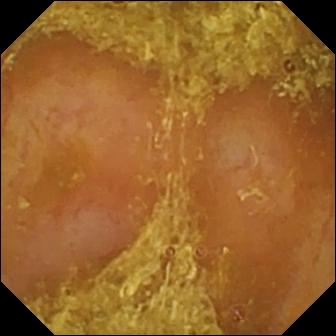Reduced mucosal view (content or bubbles obscuring the mucosa).